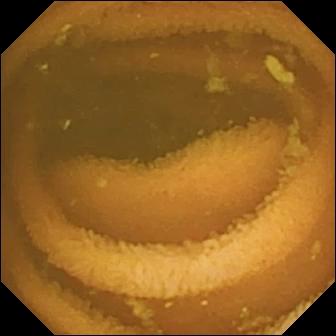Normal clean mucosa.